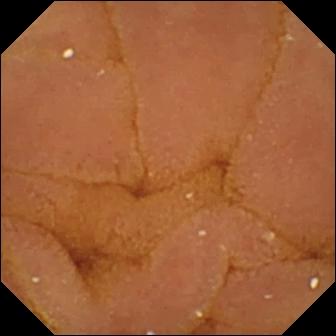PROCEDURE: Small-bowel capsule endoscopy.
SEGMENT: Small intestine.
FINDINGS: Normal clean mucosa.